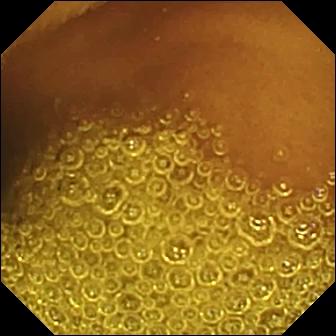Wireless capsule endoscopy frame, small bowel
Observation: normal clean mucosa